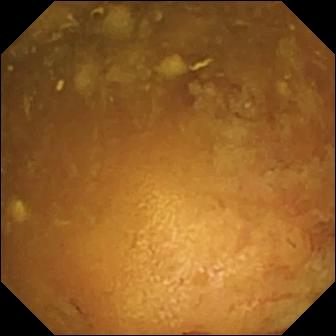{"modality": "VCE", "category": "luminal finding", "finding": "reduced mucosal view (content or bubbles obscuring the mucosa)"}